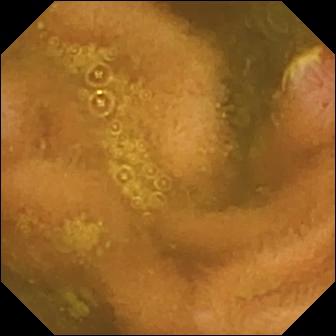WCE. Impression: ulcer.